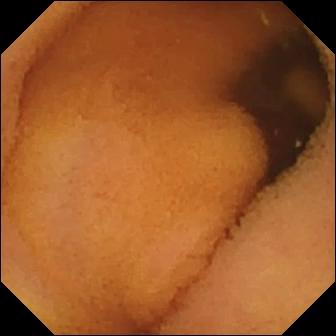WCE — normal clean mucosa.